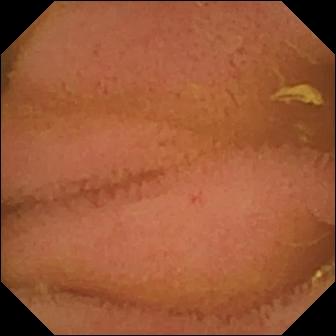modality: WCE | impression: normal clean mucosa